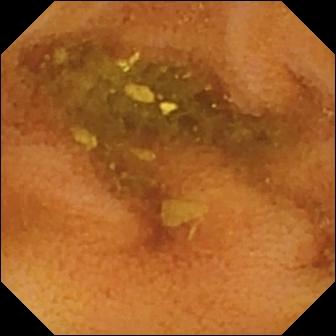{"modality": "video capsule endoscopy", "segment": "small bowel", "finding": "normal clean mucosa"}